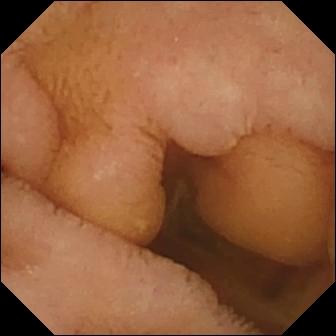- modality: wireless capsule endoscopy
- category: luminal finding
- observation: normal clean mucosa